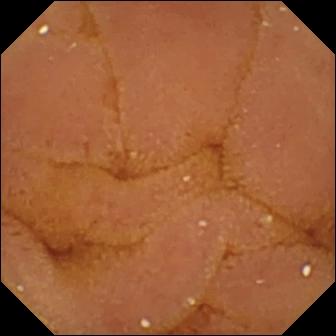Wireless capsule endoscopy still (small bowel). Normal clean mucosa.